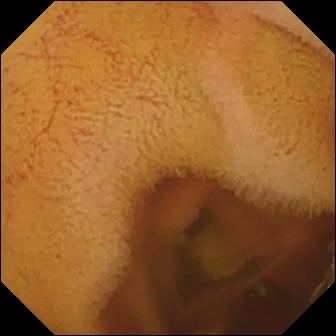This small-bowel capsule endoscopy frame of the small bowel shows normal clean mucosa.